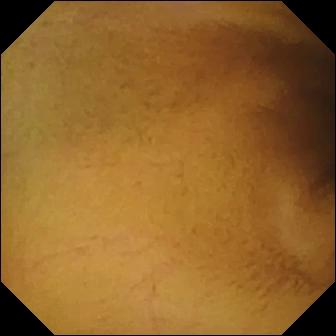Normal clean mucosa.